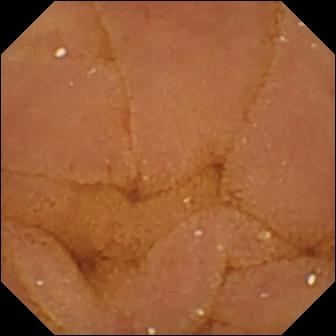modality: VCE | segment: small bowel | category: luminal finding | label: normal clean mucosa